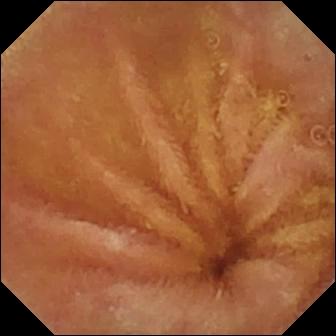Normal clean mucosa — WCE still.